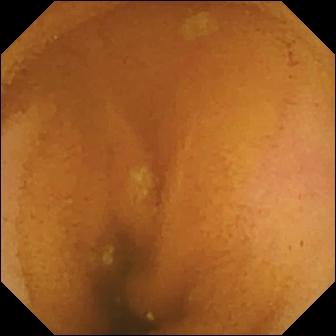WCE view (small bowel), 336×336. Normal clean mucosa.